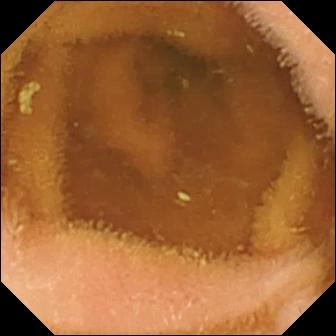Small-bowel capsule endoscopy — normal clean mucosa.